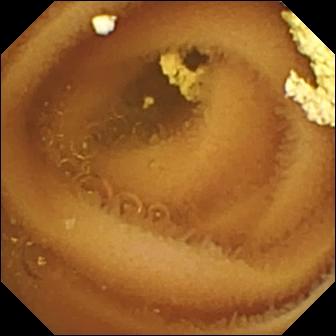Wireless capsule endoscopy still (small intestine), 336×336. Normal clean mucosa.